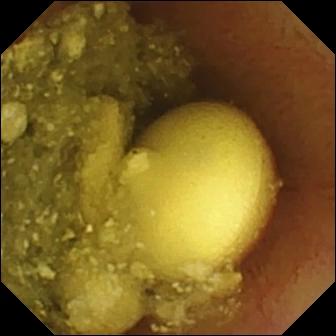{"modality": "small-bowel capsule endoscopy", "finding": "foreign body (e.g. retained capsule, tablet residue)"}